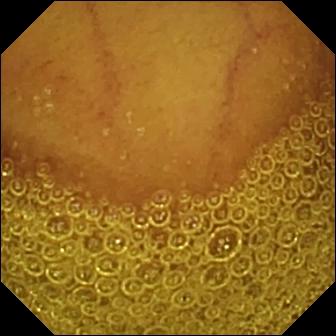{"modality": "wireless capsule endoscopy", "segment": "small bowel", "finding": "normal clean mucosa"}